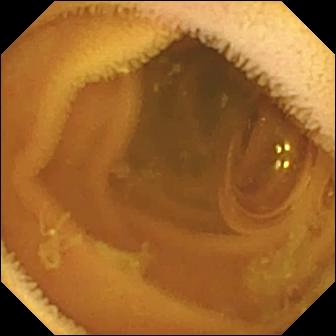Small-bowel capsule endoscopy snapshot, small intestine
Observation: normal clean mucosa